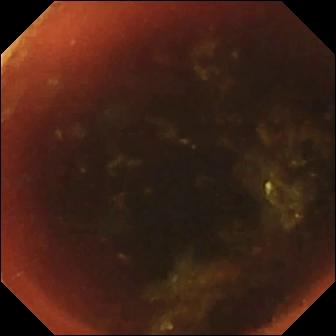Q: Where in the digestive tract was this wireless capsule endoscopy image taken?
A: Ileo-cecal valve region (the transition from the small bowel to the large bowel).